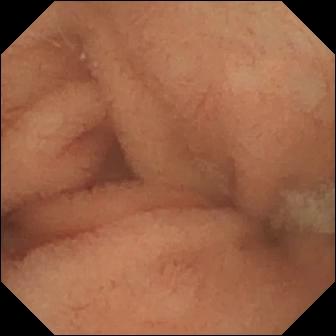Small-bowel capsule endoscopy view, small intestine
Finding: normal clean mucosa